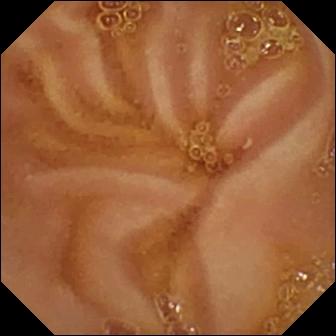WCE frame. Normal clean mucosa.